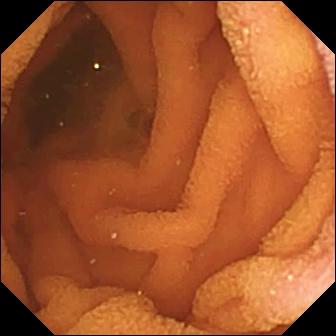Small-bowel capsule endoscopy. Luminal finding. Label: normal clean mucosa.